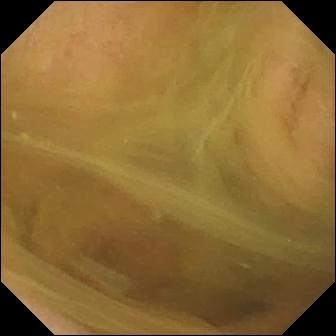Normal clean mucosa (336×336).